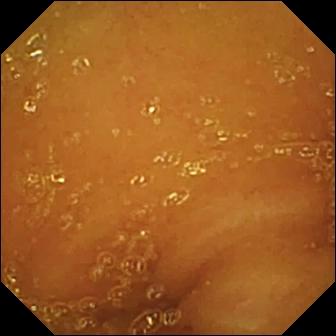Q: What does this small-bowel capsule endoscopy still show?
A: Normal clean mucosa.